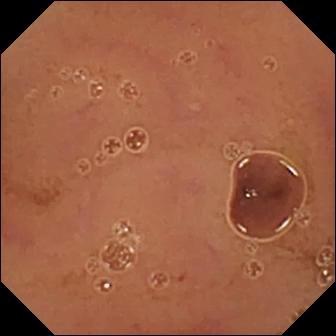PROCEDURE: VCE.
FINDINGS: Normal clean mucosa.